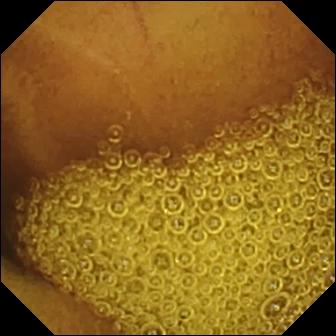- modality: WCE
- finding: normal clean mucosa